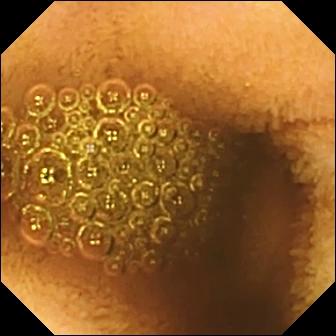Video capsule endoscopy. Label: reduced mucosal view (content or bubbles obscuring the mucosa).